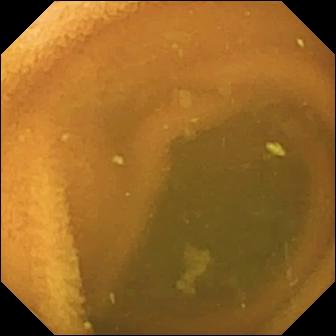Video capsule endoscopy view showing normal clean mucosa.